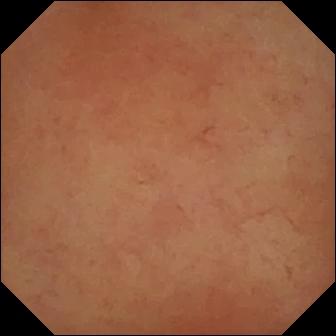PROCEDURE: WCE.
POSITION: Pylorus region (the junction between the stomach and the small bowel).